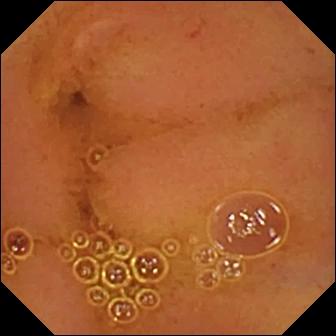This video capsule endoscopy snapshot of the small bowel shows normal clean mucosa.